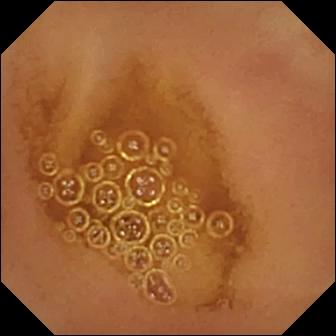Video capsule endoscopy snapshot
Label: normal clean mucosa